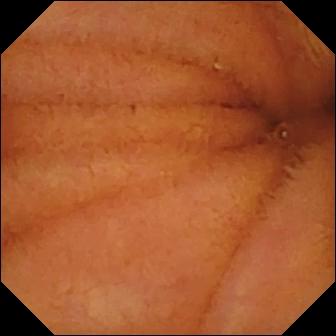PROCEDURE: Video capsule endoscopy.
SEGMENT: Small intestine.
FINDINGS: Normal clean mucosa.